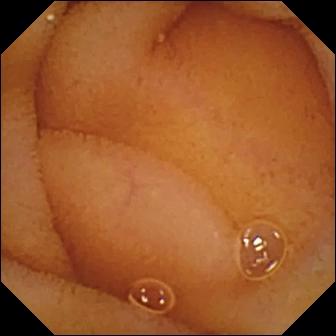This video capsule endoscopy view shows normal clean mucosa.